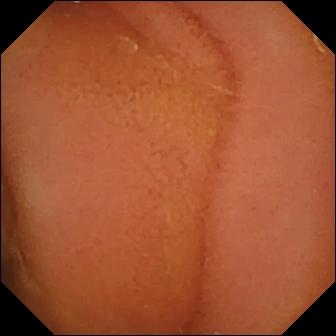Capsule endoscopy view, small bowel
Observation: normal clean mucosa